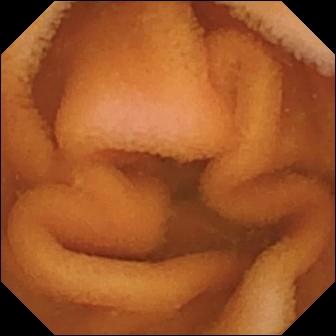Normal clean mucosa.